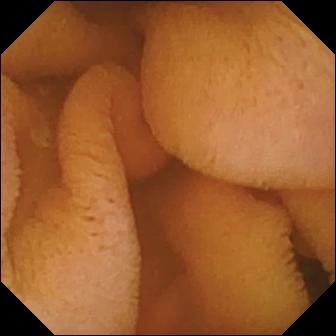Video capsule endoscopy — normal clean mucosa.